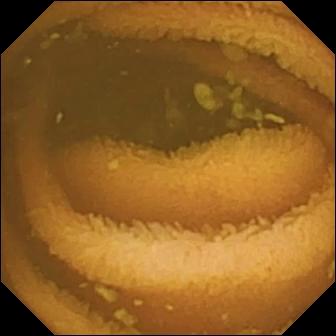This wireless capsule endoscopy view of the small bowel shows normal clean mucosa.